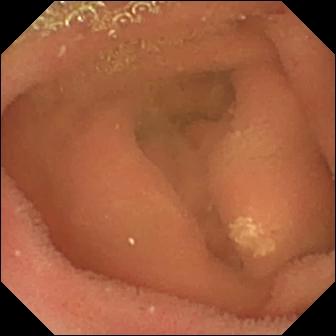Q: What does this VCE view show?
A: Lymphangiectasia.